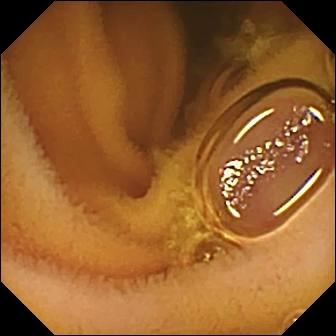WCE still (small bowel). Normal clean mucosa.